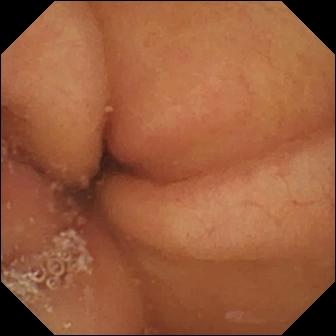Small-bowel capsule endoscopy — pylorus region (the junction between the stomach and the small bowel).